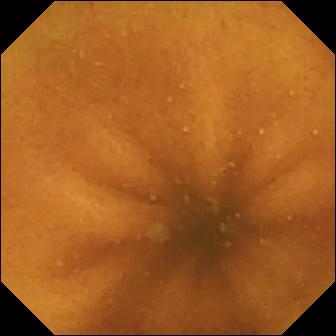VCE. Small intestine. Label: normal clean mucosa.